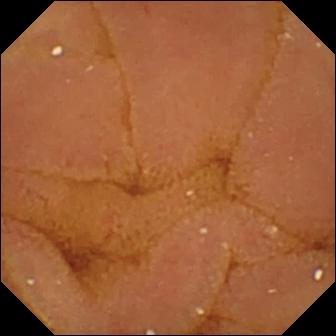Small-bowel capsule endoscopy. Small intestine. Finding: normal clean mucosa.